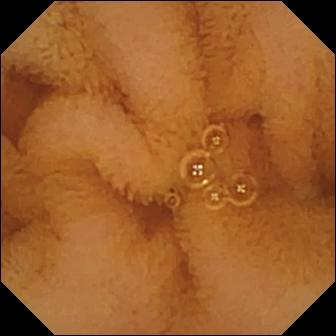Normal clean mucosa.